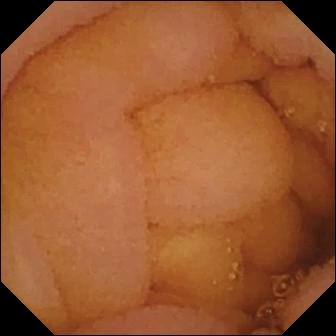{"modality": "VCE", "finding": "normal clean mucosa"}